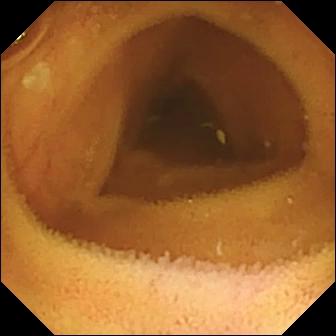PROCEDURE: VCE.
SEGMENT: Small bowel.
FINDINGS: Normal clean mucosa.